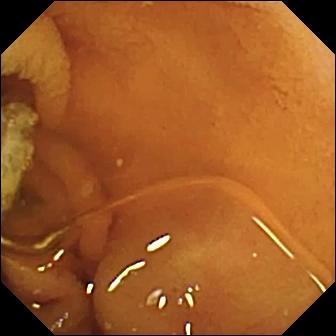Q: What does this WCE frame show?
A: Normal clean mucosa.